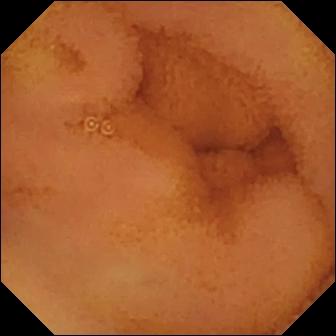PROCEDURE: Wireless capsule endoscopy.
FINDINGS: Normal clean mucosa.